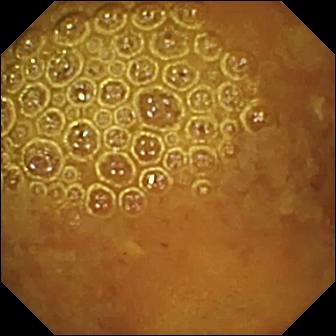modality: VCE; segment: small bowel; category: luminal finding; observation: reduced mucosal view (content or bubbles obscuring the mucosa)